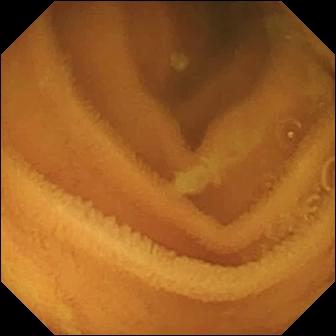Small-bowel capsule endoscopy still (small intestine), 336×336. Normal clean mucosa.